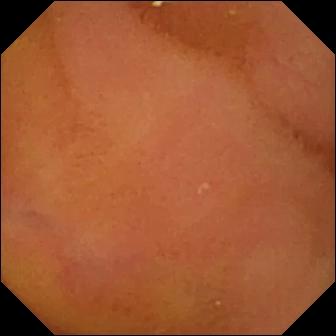Normal clean mucosa.